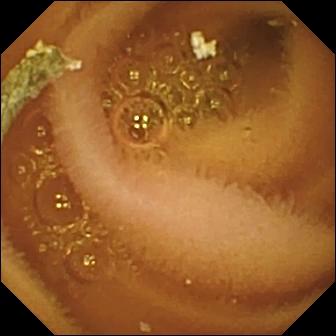- modality: wireless capsule endoscopy
- observation: normal clean mucosa